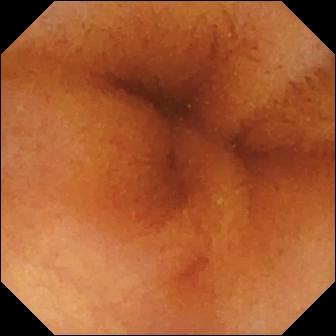PROCEDURE: VCE.
SEGMENT: Small intestine.
FINDINGS: Normal clean mucosa.